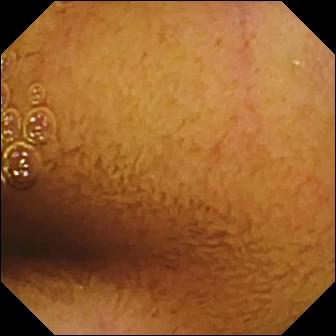VCE view (small intestine), 336×336. Normal clean mucosa.